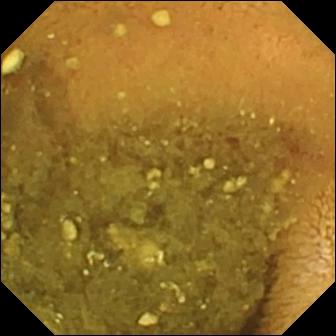Small-bowel capsule endoscopy view (small intestine). Reduced mucosal view (content or bubbles obscuring the mucosa).